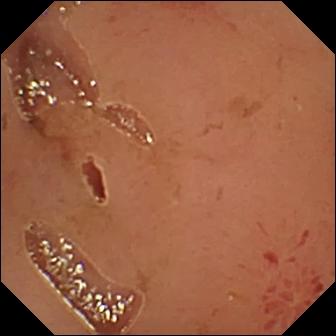{"modality": "wireless capsule endoscopy", "finding": "erosion"}